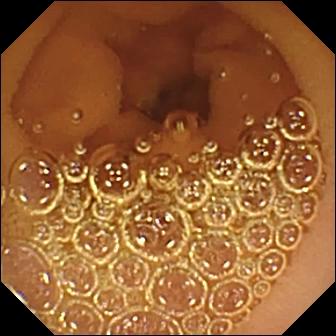This WCE snapshot shows normal clean mucosa.